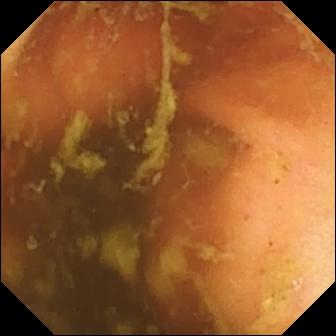- modality: WCE
- position: ileo-cecal valve region